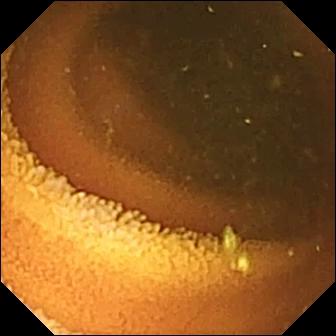{"modality": "VCE", "finding": "normal clean mucosa"}